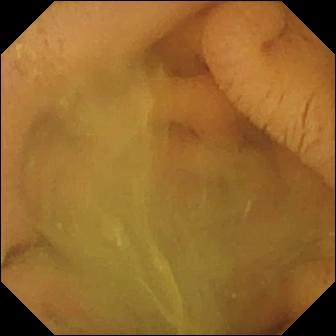modality: capsule endoscopy
segment: small bowel
category: luminal finding
finding: normal clean mucosa